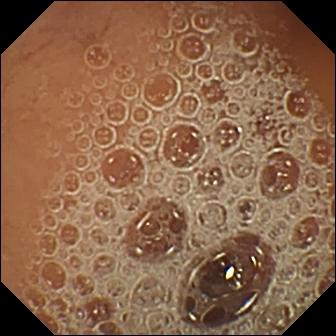modality: VCE | finding: normal clean mucosa